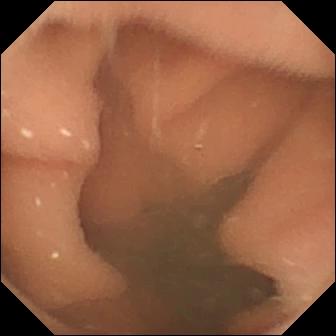VCE view (small bowel). Normal clean mucosa.